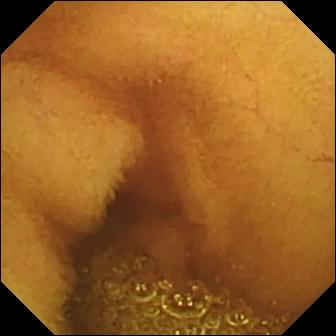modality: wireless capsule endoscopy
segment: small intestine
observation: normal clean mucosa